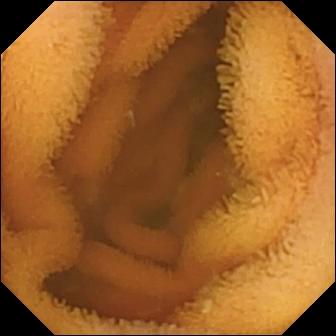Wireless capsule endoscopy snapshot of the small bowel showing normal clean mucosa.